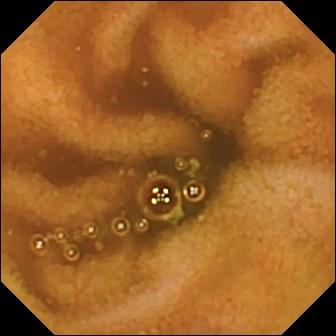Small-bowel capsule endoscopy — normal clean mucosa.